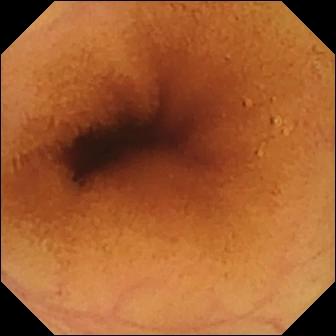{"modality": "capsule endoscopy", "segment": "small intestine", "category": "luminal finding", "finding": "normal clean mucosa"}